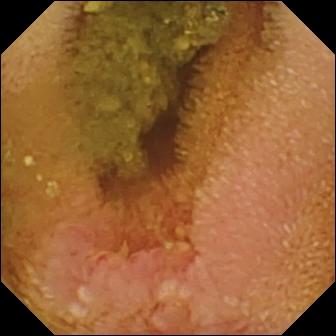- modality: VCE
- category: luminal finding
- finding: erosion